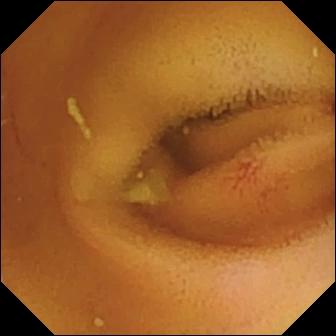Q: What does this WCE image show?
A: Angiectasia.